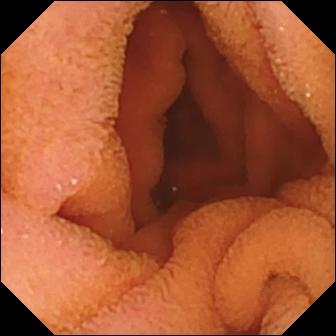Normal clean mucosa — capsule endoscopy image of the small intestine.